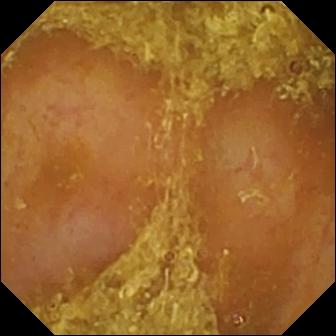PROCEDURE: VCE.
FINDINGS: Reduced mucosal view (content or bubbles obscuring the mucosa).